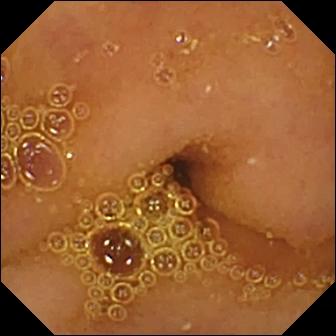Q: What does this small-bowel capsule endoscopy snapshot show?
A: Normal clean mucosa.